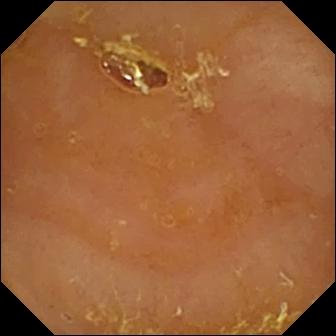Reduced mucosal view (content or bubbles obscuring the mucosa) — small-bowel capsule endoscopy frame of the small intestine.